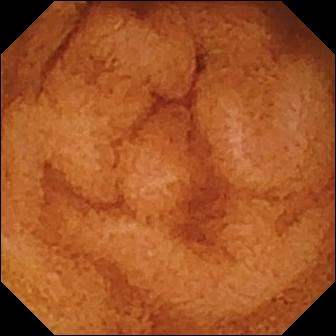Wireless capsule endoscopy image. Normal clean mucosa.